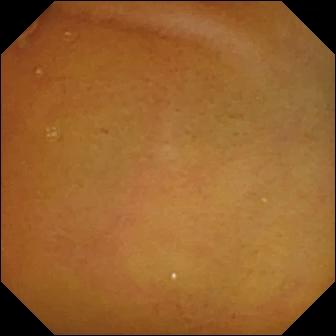Normal clean mucosa — WCE snapshot of the small intestine.